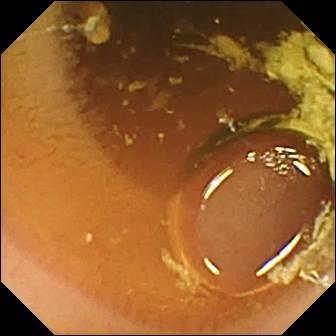modality: WCE | finding: normal clean mucosa